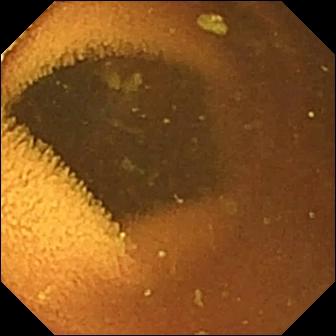PROCEDURE: Wireless capsule endoscopy.
SEGMENT: Small bowel.
FINDINGS: Normal clean mucosa.